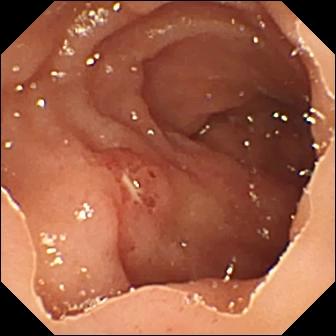- modality: small-bowel capsule endoscopy
- finding: ulcer